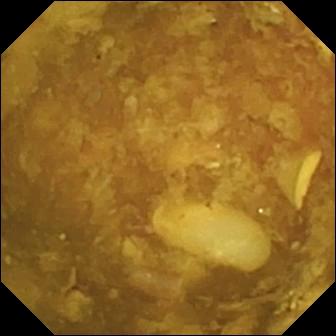{"modality": "small-bowel capsule endoscopy", "finding": "reduced mucosal view (content or bubbles obscuring the mucosa)"}